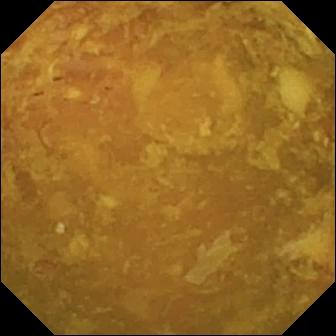Wireless capsule endoscopy still. Reduced mucosal view (content or bubbles obscuring the mucosa).